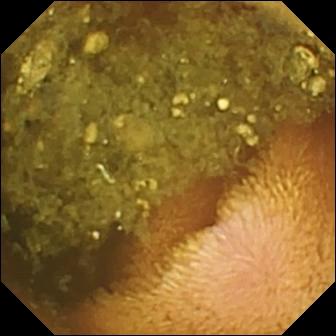WCE — reduced mucosal view (content or bubbles obscuring the mucosa).